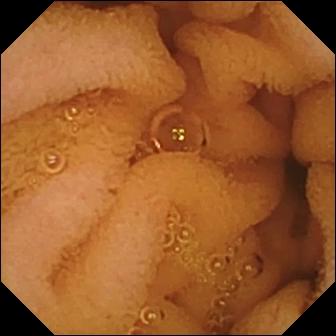Capsule endoscopy image showing normal clean mucosa.